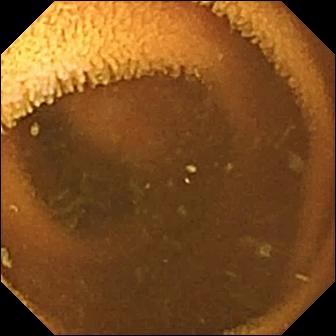Small-bowel capsule endoscopy. Finding: normal clean mucosa.